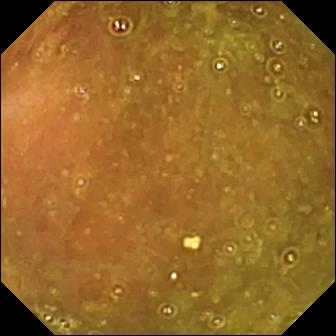Small-bowel capsule endoscopy snapshot, 336×336. Taken in the ileo-cecal valve region (where the capsule passes from the small bowel into the large bowel).